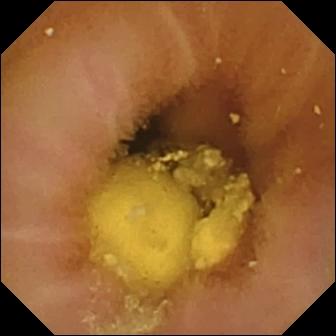Small-bowel capsule endoscopy image
Observation: foreign body (e.g. retained capsule, tablet residue)